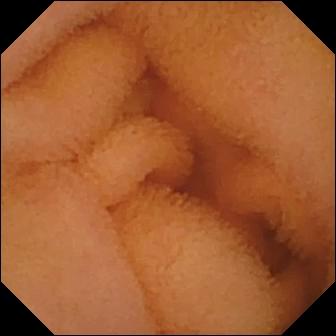PROCEDURE: WCE.
SEGMENT: Small bowel.
FINDINGS: Normal clean mucosa.